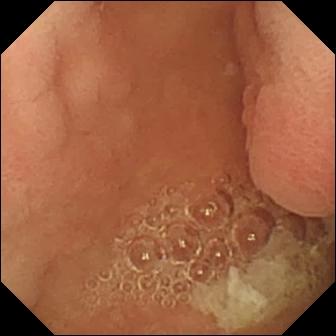Q: Where in the digestive tract was this WCE frame taken?
A: Pylorus region.